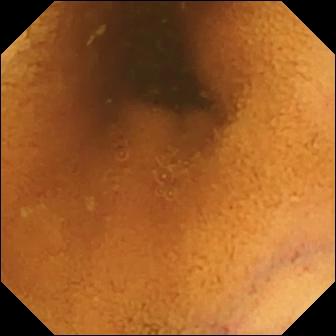Normal clean mucosa.